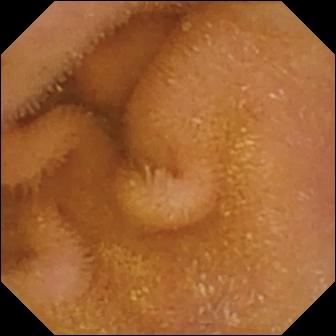- modality: WCE
- category: luminal finding
- observation: normal clean mucosa